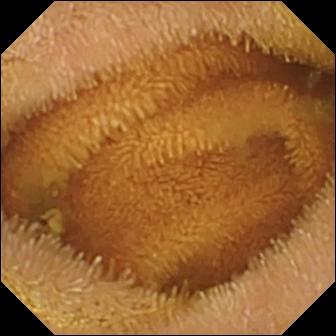This video capsule endoscopy frame of the small intestine shows normal clean mucosa.